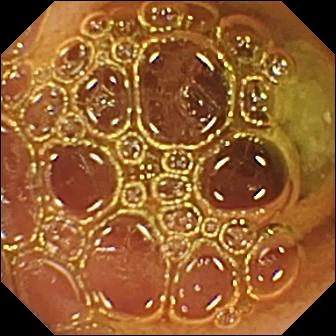Normal clean mucosa.